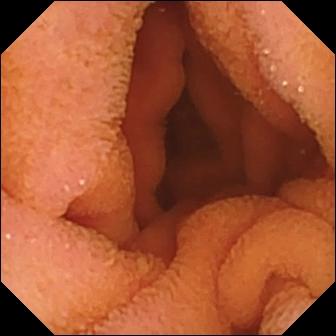PROCEDURE: Wireless capsule endoscopy.
FINDINGS: Normal clean mucosa.